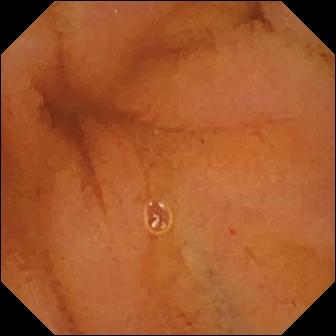WCE image (small bowel). Normal clean mucosa.